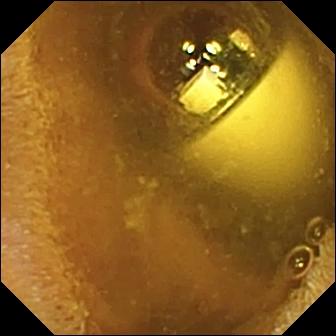Video capsule endoscopy. Luminal finding. Label: foreign body (e.g. retained capsule, tablet residue).